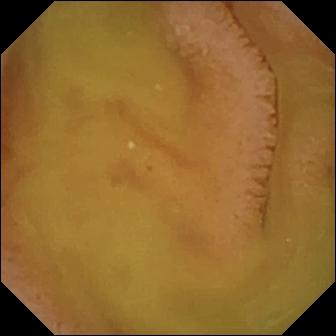Normal clean mucosa (336×336).